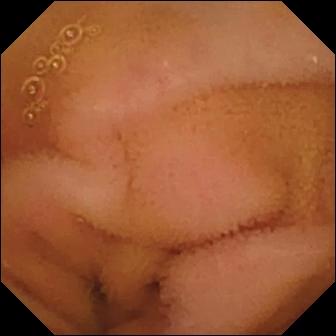Normal clean mucosa (336×336).